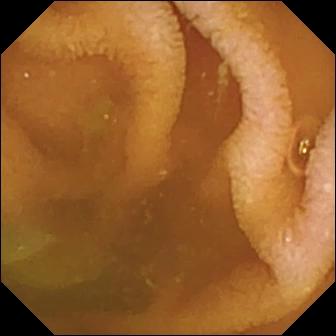VCE frame. Normal clean mucosa.